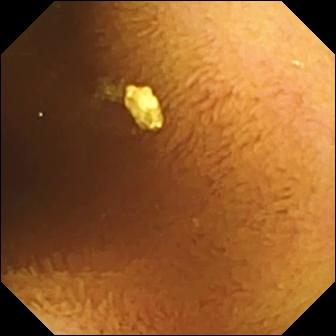WCE view, small bowel
Observation: normal clean mucosa